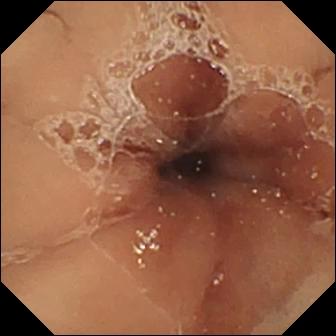Wireless capsule endoscopy still. Taken in the pylorus region.